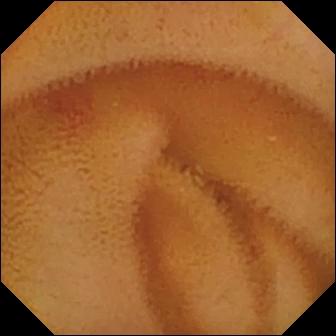Small-bowel capsule endoscopy — angiectasia.